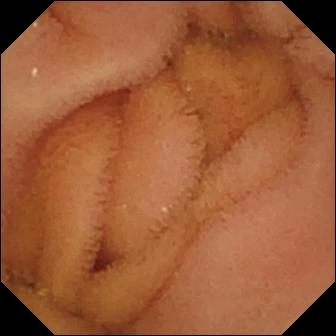Normal clean mucosa — video capsule endoscopy frame.